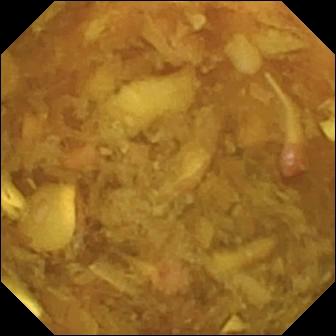Q: What does this VCE frame show?
A: Reduced mucosal view (content or bubbles obscuring the mucosa).